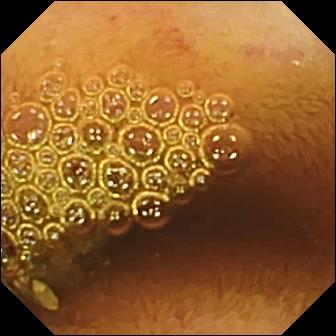VCE view of the small intestine showing normal clean mucosa.